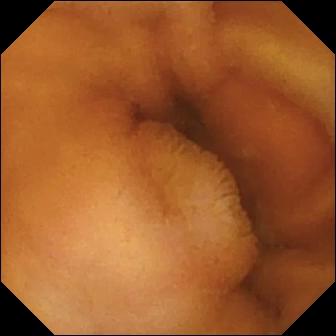PROCEDURE: Capsule endoscopy.
FINDINGS: Normal clean mucosa.